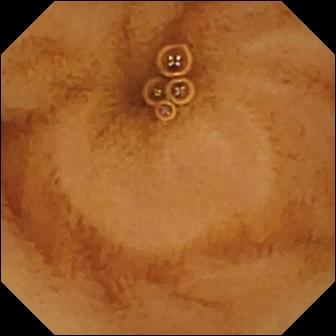{"modality": "wireless capsule endoscopy", "segment": "small bowel", "finding": "normal clean mucosa"}